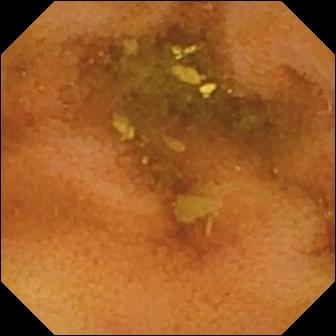modality: WCE; finding: normal clean mucosa